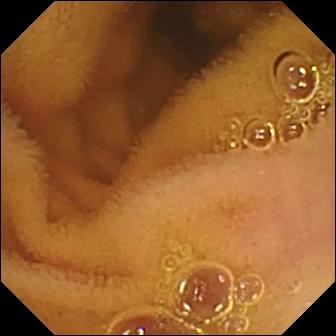modality: small-bowel capsule endoscopy | segment: small bowel | finding: normal clean mucosa